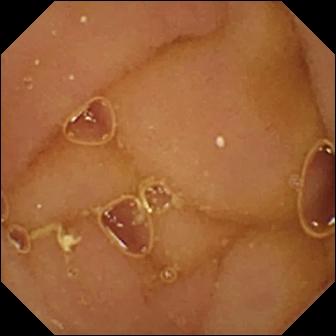PROCEDURE: Video capsule endoscopy.
FINDINGS: Normal clean mucosa.